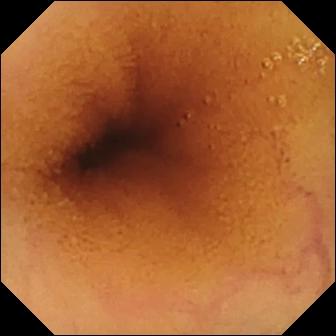Normal clean mucosa.